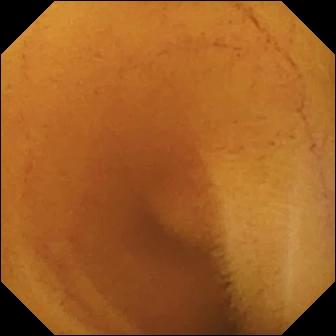Small-bowel capsule endoscopy snapshot (small bowel). Normal clean mucosa.